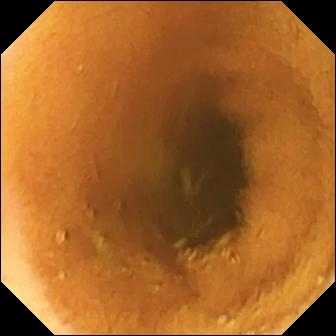modality: WCE; segment: small intestine; category: luminal finding; observation: normal clean mucosa